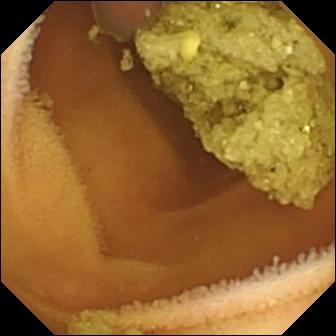Normal clean mucosa.